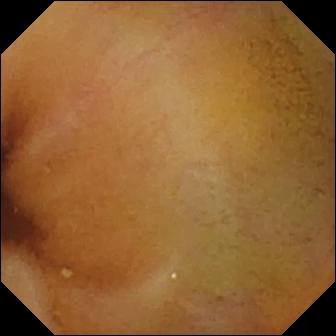- modality: wireless capsule endoscopy
- observation: normal clean mucosa